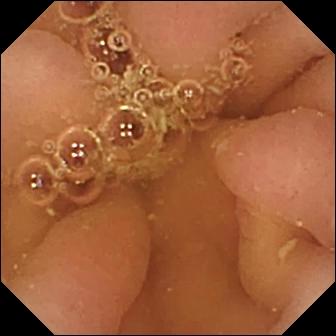Small-bowel capsule endoscopy view. Taken in the pylorus region (where the capsule passes from the stomach into the small bowel).